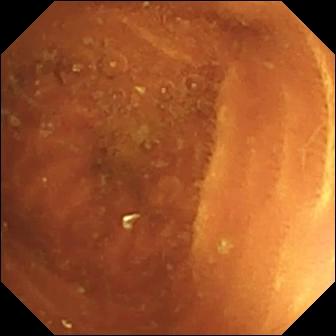modality: wireless capsule endoscopy | label: normal clean mucosa